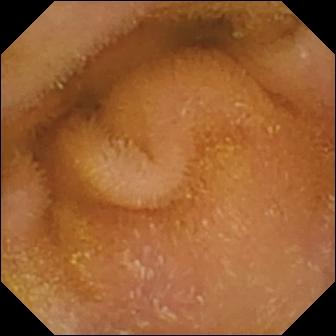Q: What does this small-bowel capsule endoscopy image of the small intestine show?
A: Normal clean mucosa.